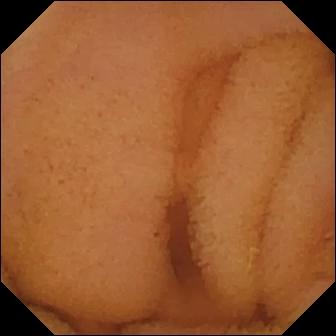{"modality": "wireless capsule endoscopy", "segment": "small bowel", "finding": "normal clean mucosa"}